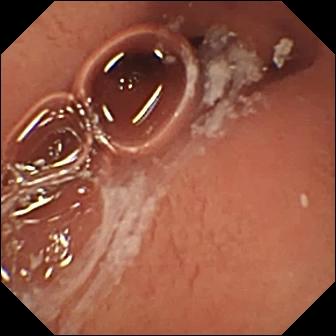Wireless capsule endoscopy — pylorus region (where the capsule passes from the stomach into the small bowel).